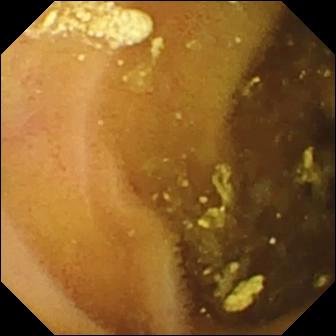modality: wireless capsule endoscopy | observation: lymphangiectasia